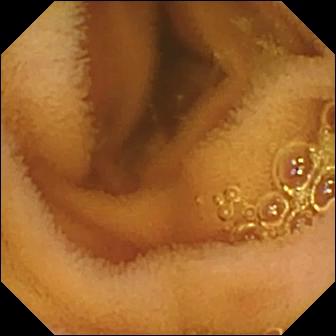Normal clean mucosa.